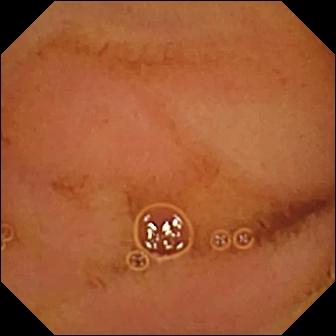WCE — normal clean mucosa.